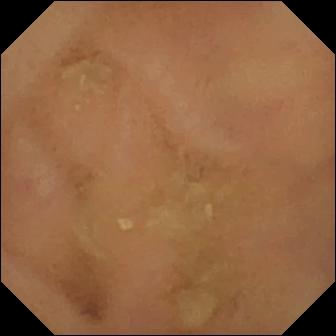Small-bowel capsule endoscopy still of the small intestine showing normal clean mucosa.